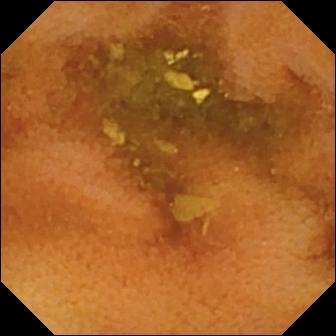- modality: wireless capsule endoscopy
- segment: small intestine
- label: normal clean mucosa